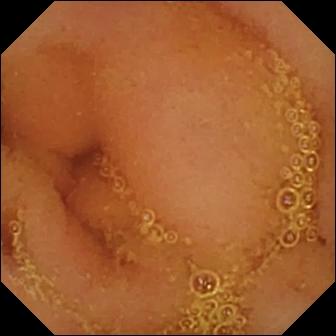Normal clean mucosa — small-bowel capsule endoscopy frame.